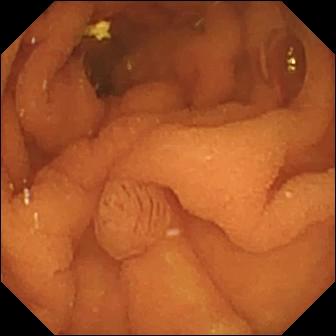modality: VCE; category: luminal finding; impression: normal clean mucosa